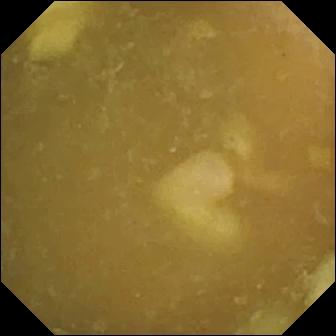Capsule endoscopy — ileo-cecal valve region (the transition from the small bowel to the large bowel).